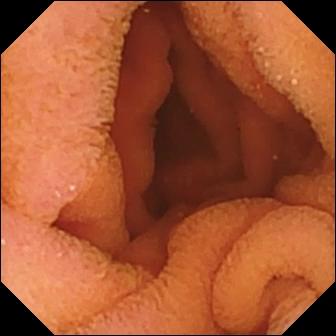modality: capsule endoscopy; impression: normal clean mucosa